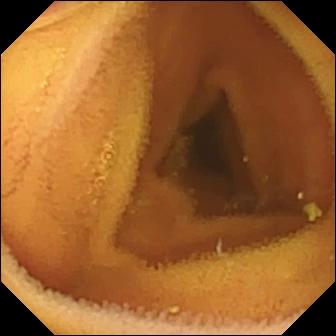Capsule endoscopy — normal clean mucosa.